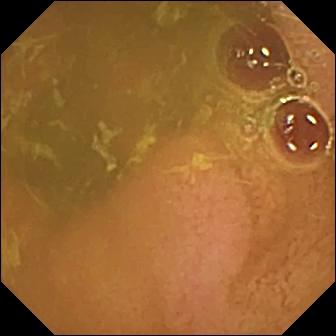Normal clean mucosa — wireless capsule endoscopy frame.